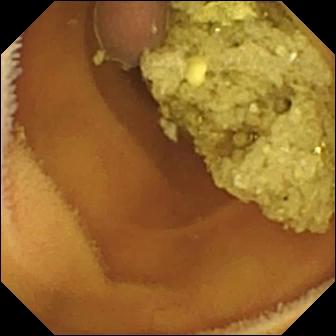Normal clean mucosa — capsule endoscopy view of the small bowel.